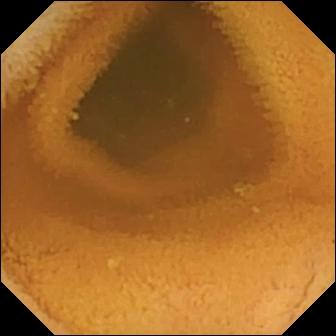WCE. Small bowel. Observation: normal clean mucosa.